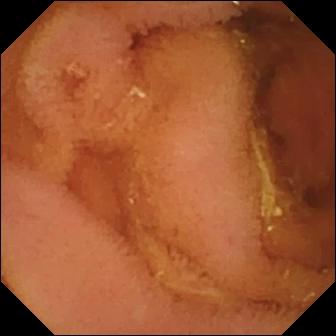PROCEDURE: Small-bowel capsule endoscopy.
FINDINGS: Normal clean mucosa.